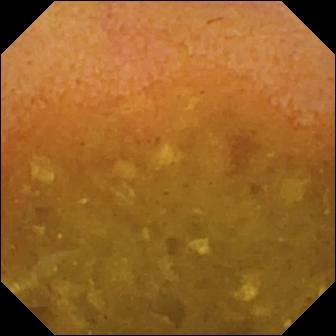This wireless capsule endoscopy snapshot of the small intestine shows reduced mucosal view (content or bubbles obscuring the mucosa).